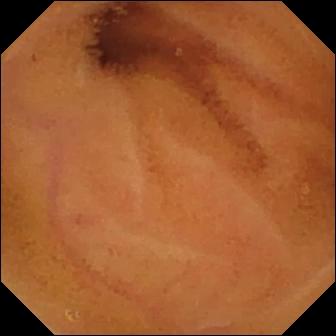This VCE frame shows normal clean mucosa.